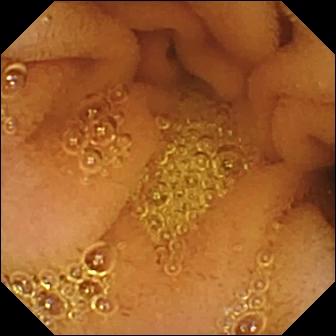WCE image of the small bowel showing normal clean mucosa.